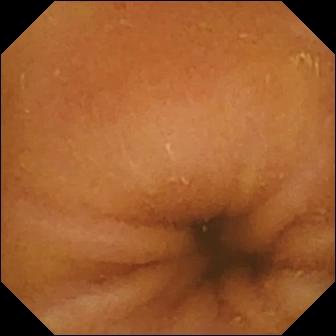WCE view (small intestine). Normal clean mucosa.